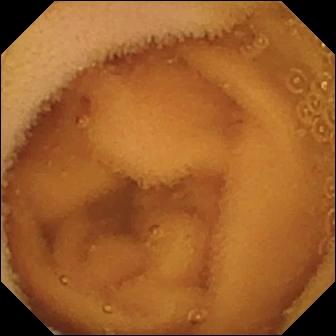Normal clean mucosa.